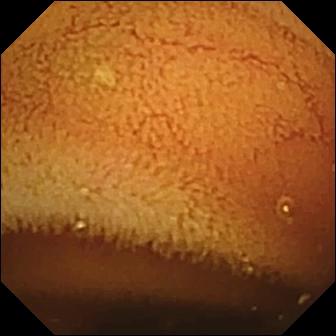modality: VCE; category: luminal finding; label: normal clean mucosa